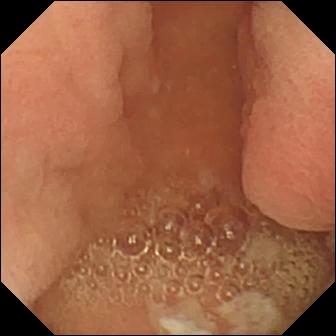WCE. Position: pylorus region (the junction between the stomach and the small bowel).